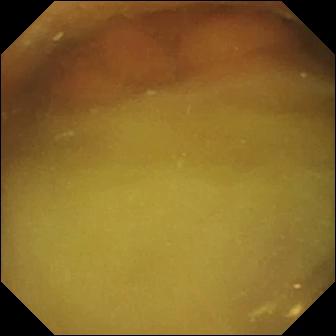Wireless capsule endoscopy snapshot showing normal clean mucosa.